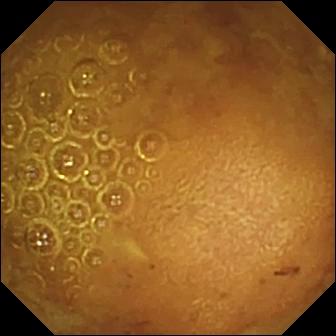Video capsule endoscopy — reduced mucosal view (content or bubbles obscuring the mucosa).